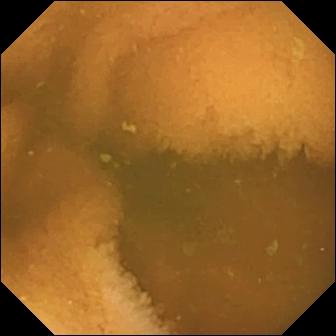Q: What does this VCE image show?
A: Normal clean mucosa.